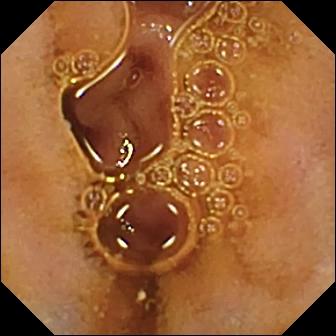Capsule endoscopy view of the small bowel showing normal clean mucosa.